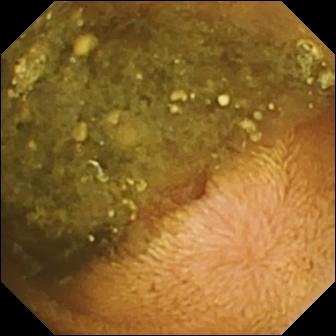This wireless capsule endoscopy still shows reduced mucosal view (content or bubbles obscuring the mucosa).